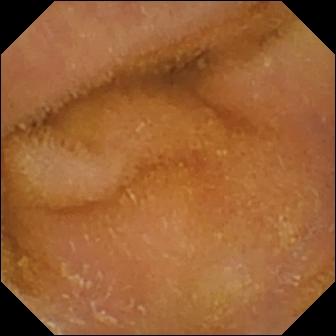Small-bowel capsule endoscopy — normal clean mucosa.